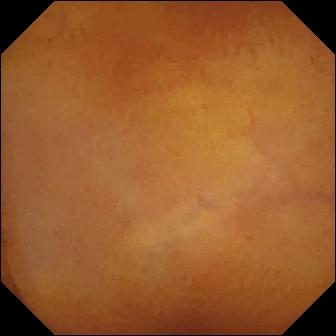VCE image of the small intestine showing normal clean mucosa.